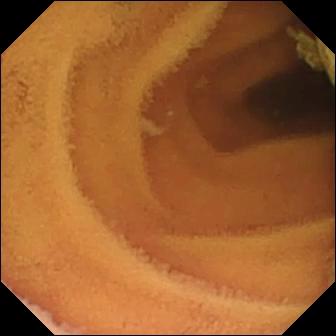VCE — normal clean mucosa.